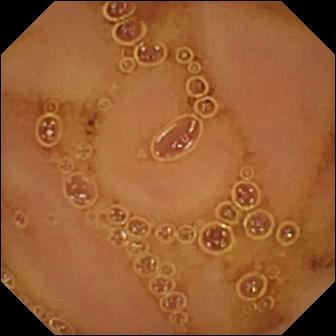Small-bowel capsule endoscopy still
Observation: normal clean mucosa